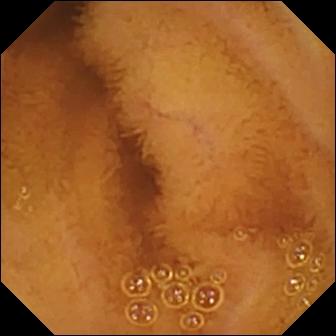Normal clean mucosa.